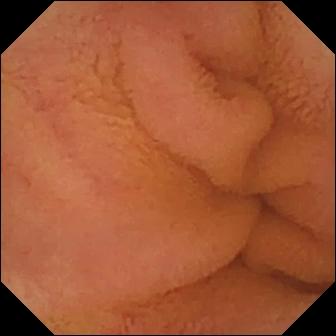Video capsule endoscopy. Label: normal clean mucosa.